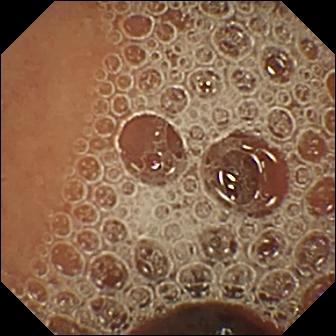modality: WCE; observation: normal clean mucosa